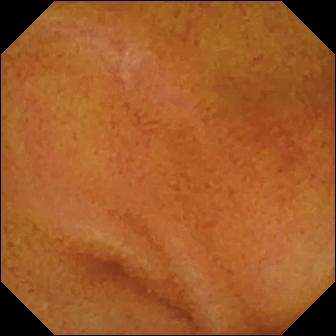VCE — normal clean mucosa.